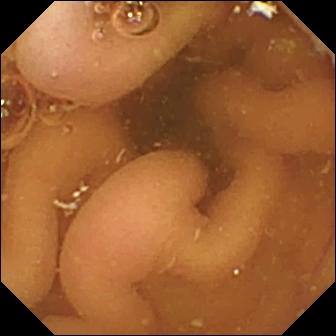This VCE snapshot was taken in the pylorus region.